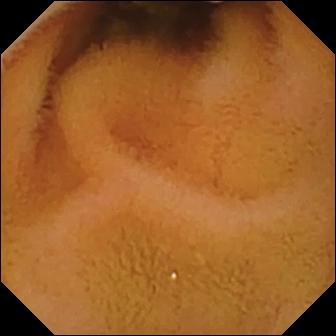Capsule endoscopy snapshot. Normal clean mucosa.